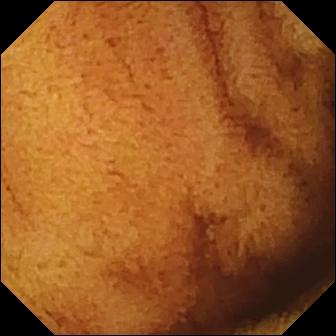Wireless capsule endoscopy. Finding: normal clean mucosa.